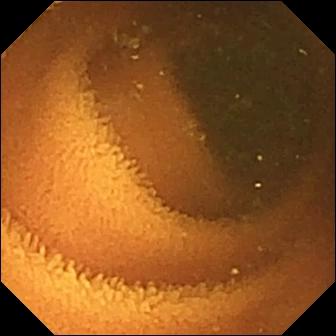VCE — normal clean mucosa.